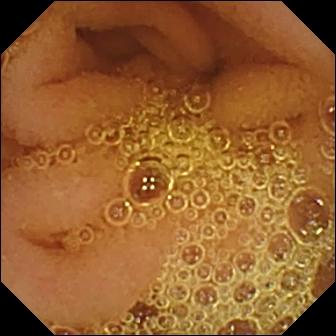Video capsule endoscopy frame (small intestine). Normal clean mucosa.